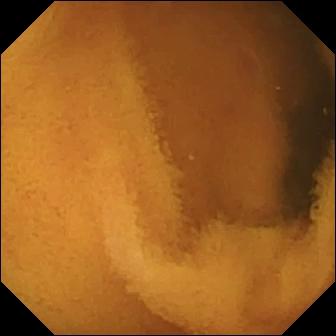Q: What does this WCE snapshot of the small bowel show?
A: Normal clean mucosa.